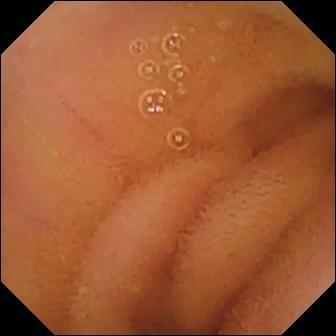PROCEDURE: Video capsule endoscopy.
SEGMENT: Small intestine.
FINDINGS: Normal clean mucosa.